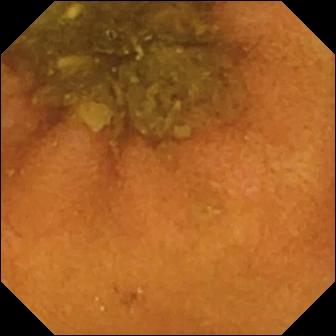Wireless capsule endoscopy frame showing normal clean mucosa.